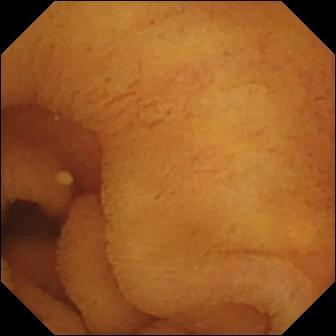PROCEDURE: VCE.
FINDINGS: Normal clean mucosa.